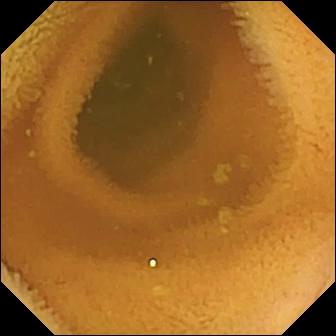This capsule endoscopy snapshot shows normal clean mucosa.